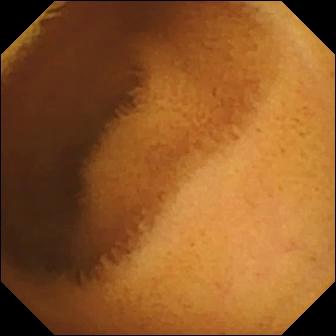Normal clean mucosa — small-bowel capsule endoscopy view.